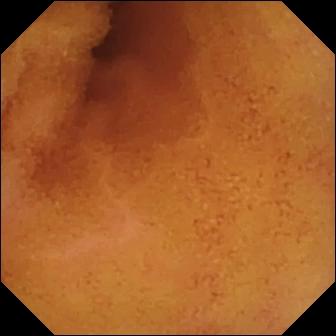WCE snapshot, small bowel
Label: normal clean mucosa